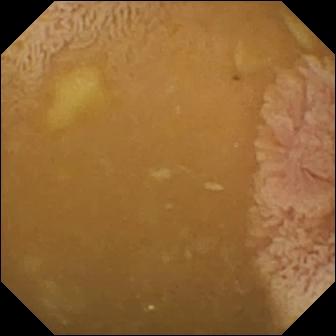{"modality": "VCE", "category": "anatomical landmark", "position": "ileo-cecal valve region (where the capsule passes from the small bowel into the large bowel)"}